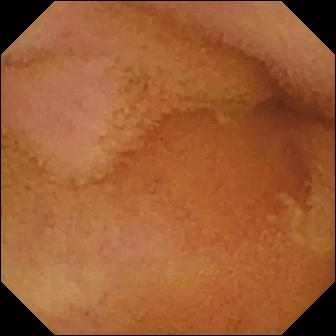Video capsule endoscopy. Small bowel. Observation: normal clean mucosa.